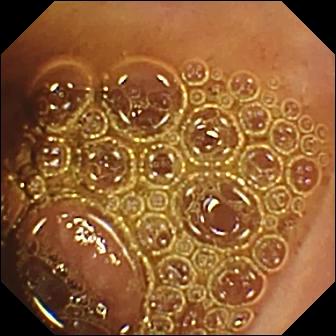Capsule endoscopy. Label: normal clean mucosa.